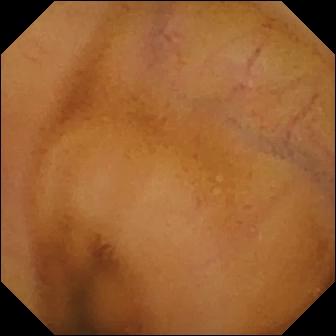Normal clean mucosa — wireless capsule endoscopy still of the small intestine.